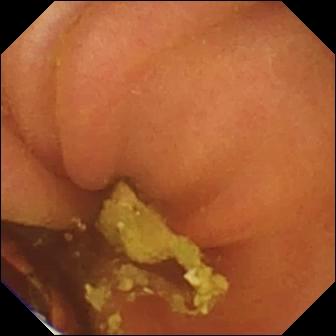modality: wireless capsule endoscopy | label: foreign body (e.g. retained capsule, tablet residue)